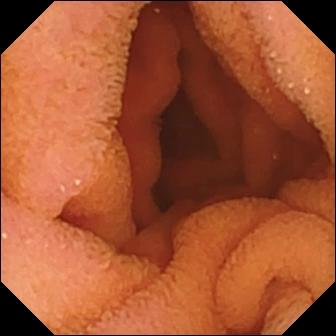Q: What does this wireless capsule endoscopy image show?
A: Normal clean mucosa.